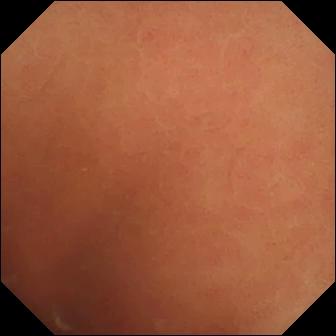PROCEDURE: VCE.
FINDINGS: Normal clean mucosa.